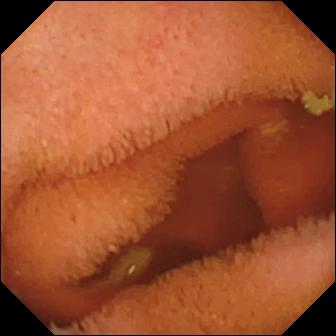Capsule endoscopy. Luminal finding. Observation: normal clean mucosa.